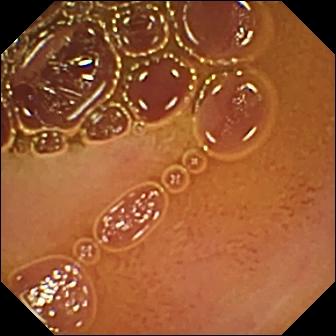- modality: WCE
- label: normal clean mucosa